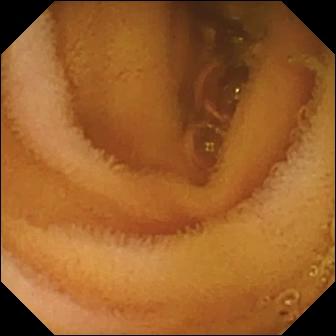- modality: wireless capsule endoscopy
- finding: normal clean mucosa